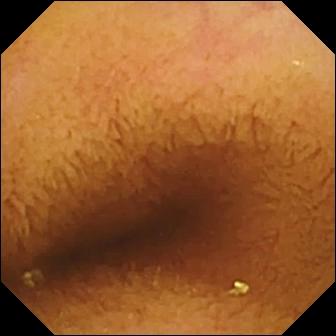Normal clean mucosa — video capsule endoscopy snapshot.